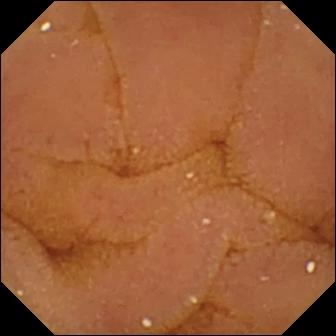PROCEDURE: Small-bowel capsule endoscopy.
SEGMENT: Small bowel.
FINDINGS: Normal clean mucosa.